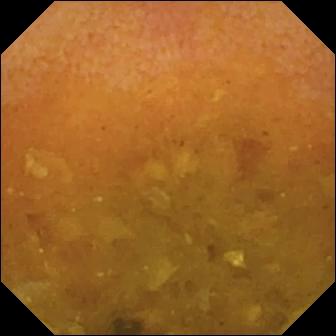Q: What does this WCE snapshot of the small intestine show?
A: Reduced mucosal view (content or bubbles obscuring the mucosa).